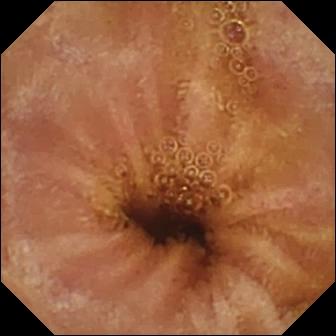Normal clean mucosa — small-bowel capsule endoscopy image.